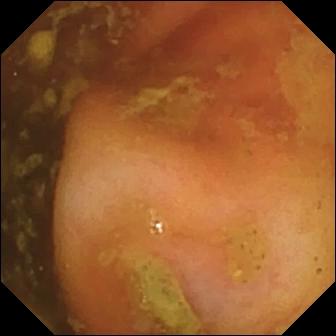Ileo-cecal valve region (the transition from the small bowel to the large bowel).